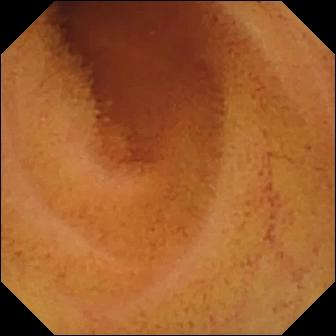Normal clean mucosa.